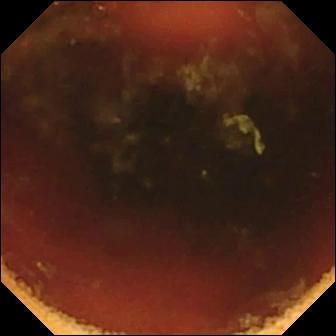{"modality": "video capsule endoscopy", "label": "ileo-cecal valve region (the transition from the small bowel to the large bowel)"}